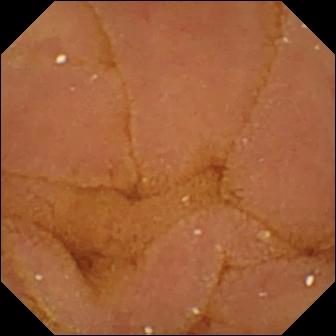PROCEDURE: VCE.
SEGMENT: Small intestine.
FINDINGS: Normal clean mucosa.